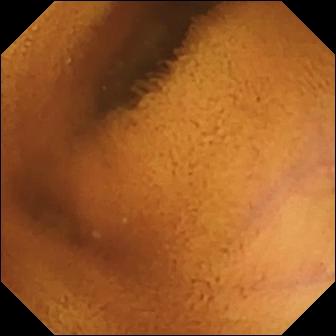PROCEDURE: Wireless capsule endoscopy.
SEGMENT: Small bowel.
FINDINGS: Normal clean mucosa.